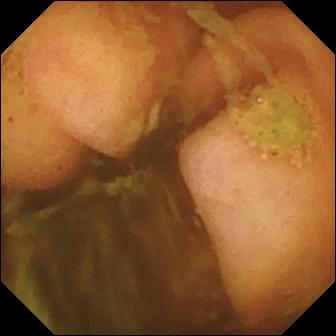- modality: capsule endoscopy
- category: anatomical landmark
- position: ileo-cecal valve region (the transition from the small bowel to the large bowel)